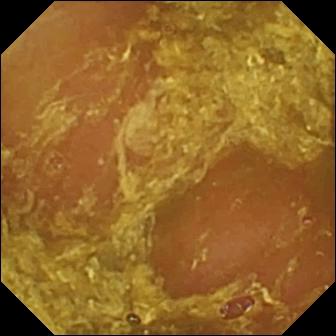This VCE view of the small bowel shows reduced mucosal view (content or bubbles obscuring the mucosa).